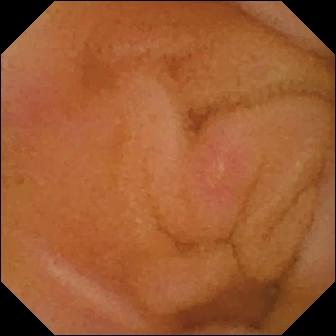VCE still showing erosion.